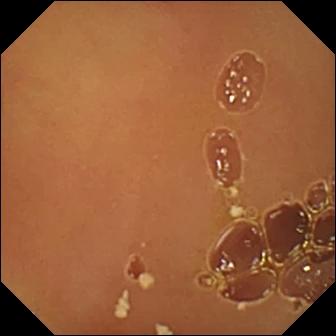This video capsule endoscopy image of the small intestine shows normal clean mucosa.